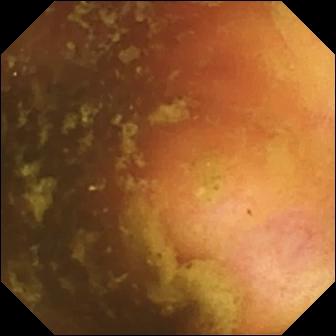WCE. Video segment: ileo-cecal valve region.